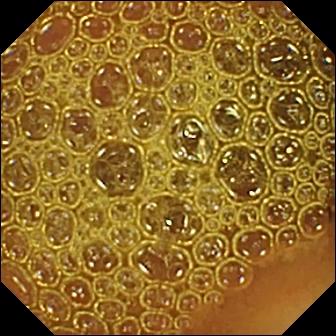Capsule endoscopy view. Reduced mucosal view (content or bubbles obscuring the mucosa).